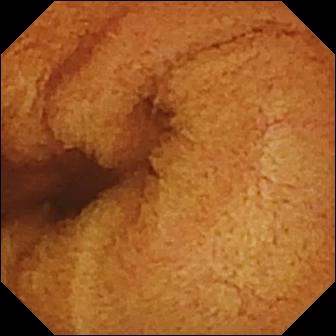Q: What does this capsule endoscopy view of the small intestine show?
A: Normal clean mucosa.